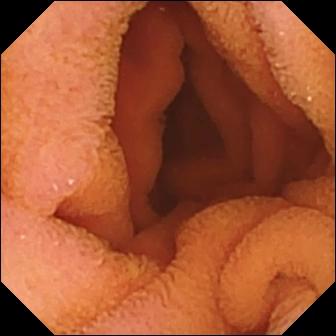Normal clean mucosa — capsule endoscopy still of the small intestine.